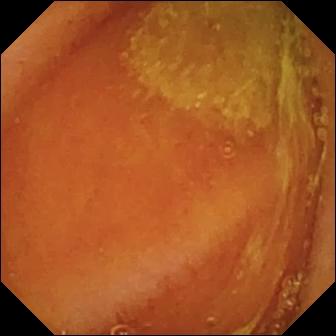WCE still. Normal clean mucosa.